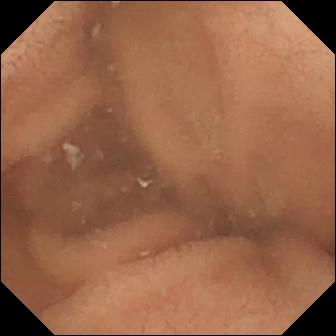Small-bowel capsule endoscopy — normal clean mucosa.